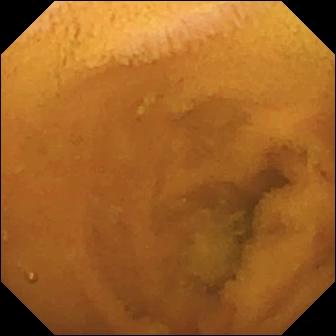PROCEDURE: Small-bowel capsule endoscopy.
SEGMENT: Small intestine.
FINDINGS: Normal clean mucosa.